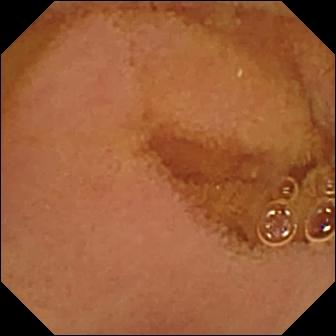Q: What does this wireless capsule endoscopy view show?
A: Normal clean mucosa.